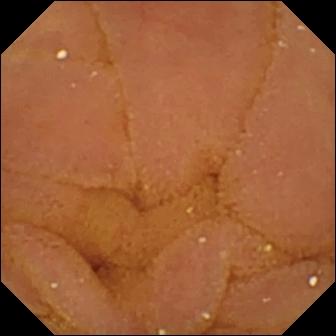This wireless capsule endoscopy image shows normal clean mucosa.